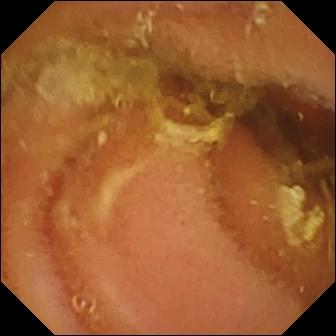Wireless capsule endoscopy — normal clean mucosa.